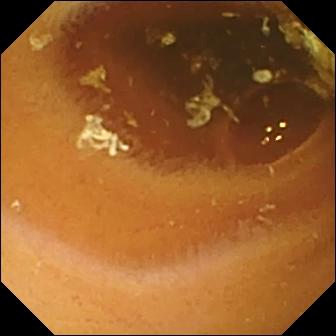{"modality": "WCE", "segment": "small intestine", "category": "luminal finding", "finding": "normal clean mucosa"}